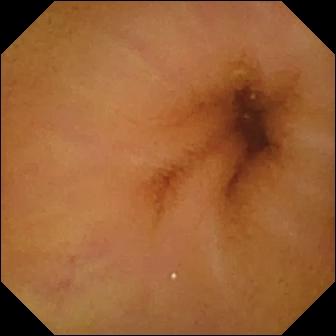Capsule endoscopy image, 336×336. Normal clean mucosa.